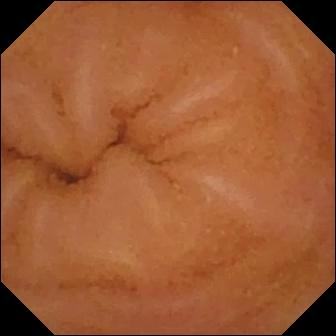Small-bowel capsule endoscopy. Impression: normal clean mucosa.